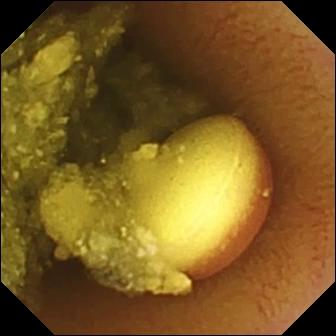Q: What does this video capsule endoscopy frame show?
A: Foreign body (e.g. retained capsule, tablet residue).